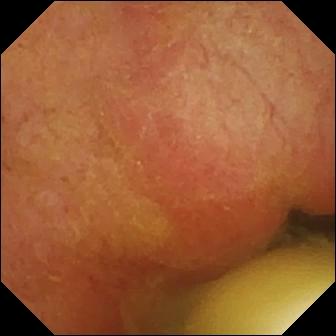PROCEDURE: Wireless capsule endoscopy.
FINDINGS: Foreign body (e.g. retained capsule, tablet residue).